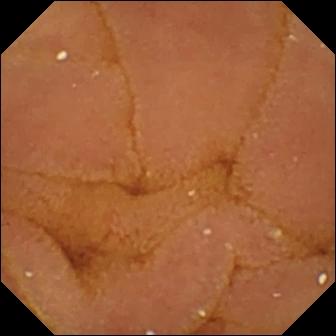PROCEDURE: VCE.
FINDINGS: Normal clean mucosa.